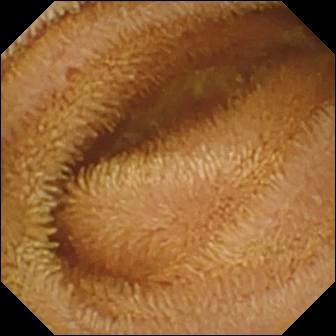{"modality": "small-bowel capsule endoscopy", "finding": "normal clean mucosa"}